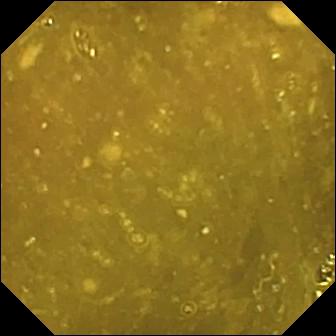Ileo-cecal valve region (where the capsule passes from the small bowel into the large bowel).